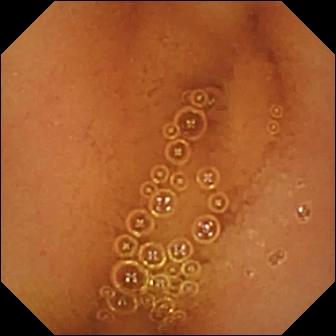Q: What does this capsule endoscopy frame show?
A: Normal clean mucosa.